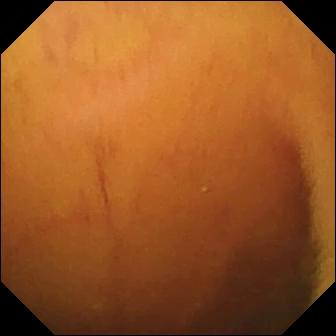Video capsule endoscopy — normal clean mucosa.